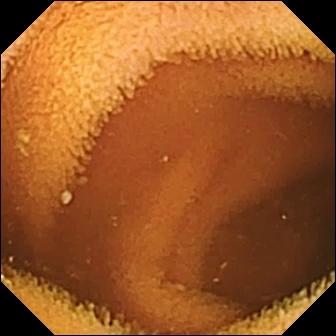WCE snapshot
Impression: normal clean mucosa